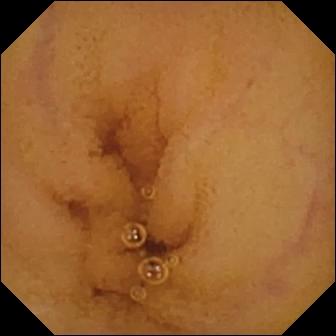Capsule endoscopy snapshot. Normal clean mucosa.